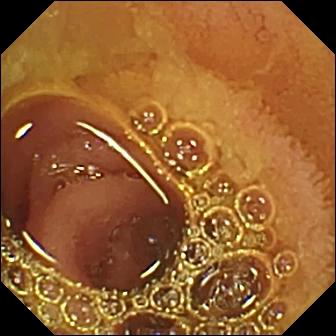Small-bowel capsule endoscopy — normal clean mucosa.